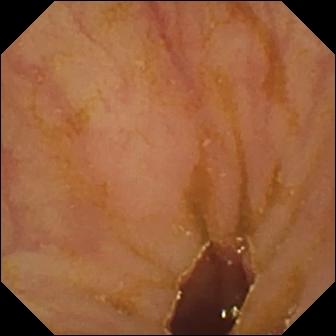WCE. Near an anatomical landmark. Label: ileo-cecal valve region (the transition from the small bowel to the large bowel).